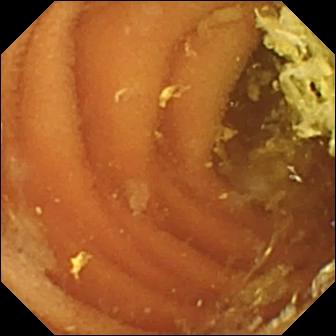{"modality": "wireless capsule endoscopy", "finding": "normal clean mucosa"}